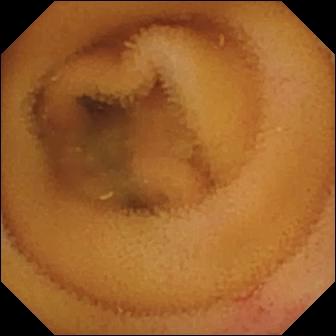- modality: small-bowel capsule endoscopy
- category: luminal finding
- impression: angiectasia